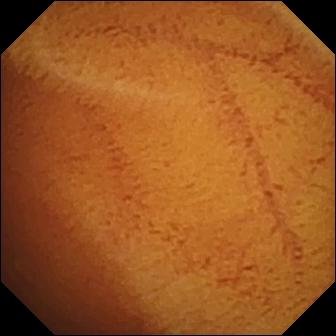modality: capsule endoscopy
finding: normal clean mucosa